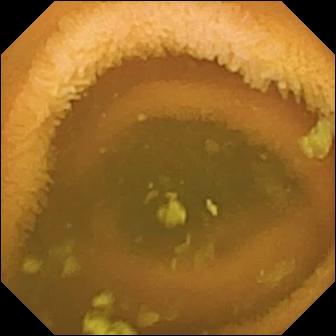Small-bowel capsule endoscopy image of the small intestine showing normal clean mucosa.